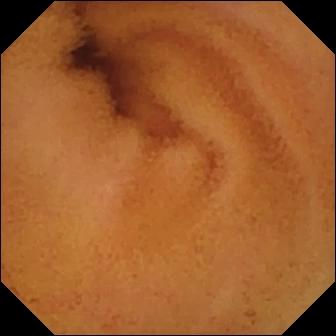Normal clean mucosa — capsule endoscopy view of the small bowel.